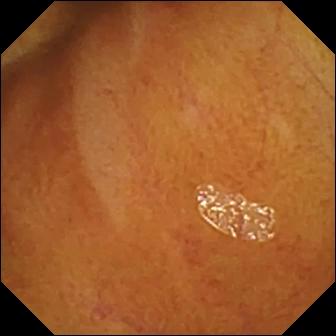Normal clean mucosa.